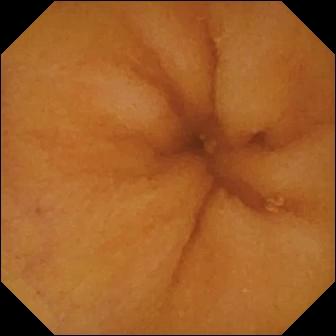Q: What does this capsule endoscopy still of the small bowel show?
A: Normal clean mucosa.